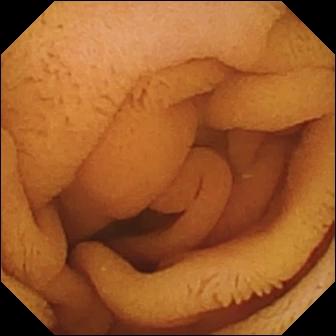VCE still showing normal clean mucosa.